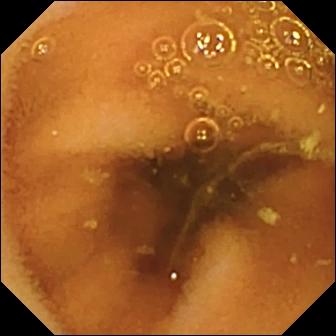modality: capsule endoscopy | segment: small bowel | category: luminal finding | finding: normal clean mucosa